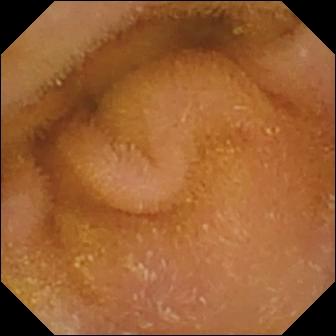This video capsule endoscopy view shows normal clean mucosa.